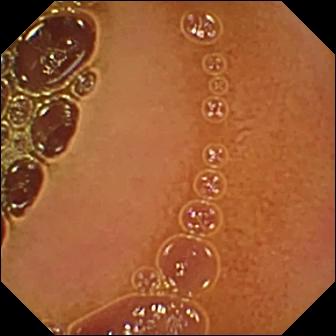This small-bowel capsule endoscopy image of the small intestine shows normal clean mucosa.